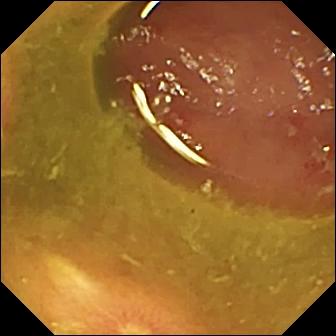modality: small-bowel capsule endoscopy | impression: ulcer